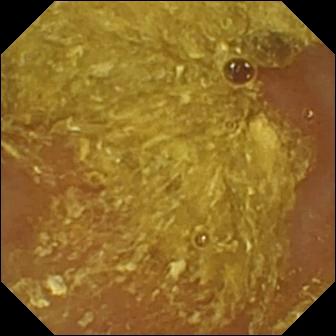This VCE snapshot shows reduced mucosal view (content or bubbles obscuring the mucosa).